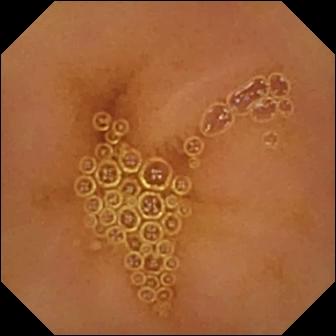- modality: wireless capsule endoscopy
- label: normal clean mucosa